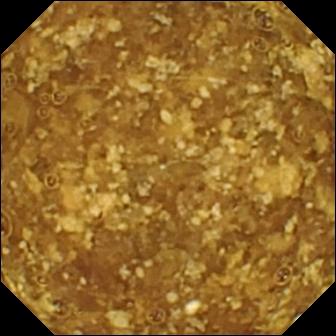Reduced mucosal view (content or bubbles obscuring the mucosa).